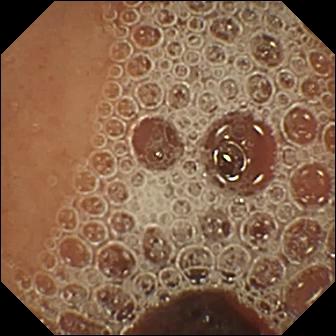Video capsule endoscopy snapshot showing normal clean mucosa.